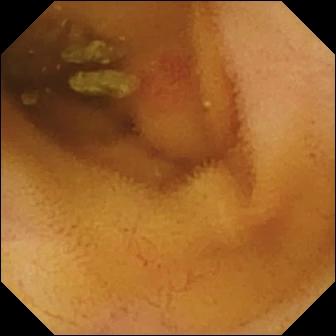Q: What does this VCE frame show?
A: Angiectasia.